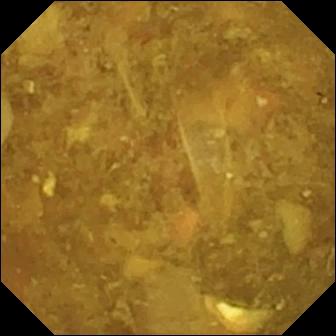Capsule endoscopy — reduced mucosal view (content or bubbles obscuring the mucosa).